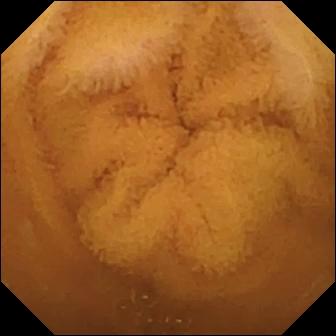Capsule endoscopy frame (small bowel). Normal clean mucosa.